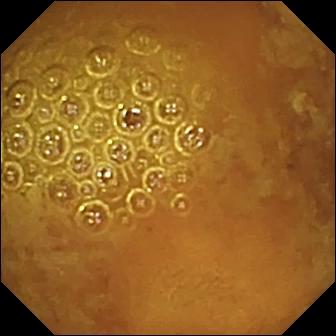Reduced mucosal view (content or bubbles obscuring the mucosa).